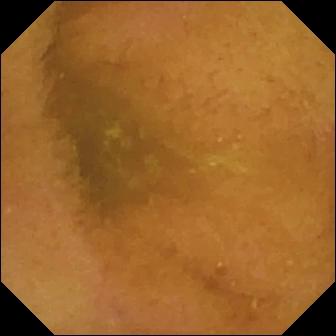PROCEDURE: Video capsule endoscopy.
FINDINGS: Normal clean mucosa.